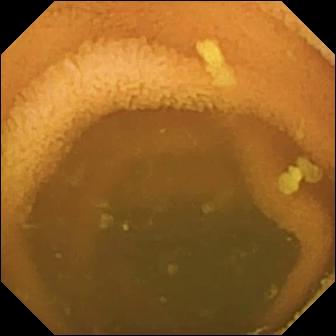- modality: wireless capsule endoscopy
- segment: small bowel
- category: luminal finding
- impression: normal clean mucosa